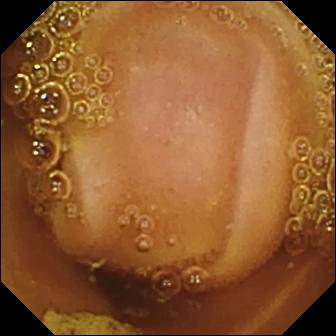Normal clean mucosa.